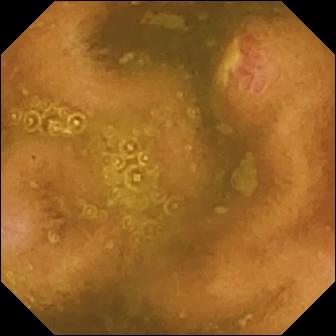Wireless capsule endoscopy view showing ulcer.